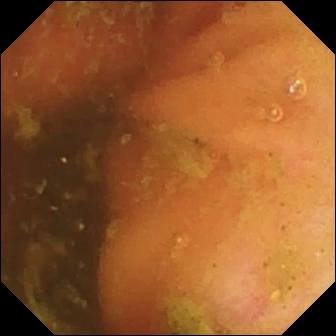{"modality": "WCE", "category": "anatomical landmark", "position": "ileo-cecal valve region"}